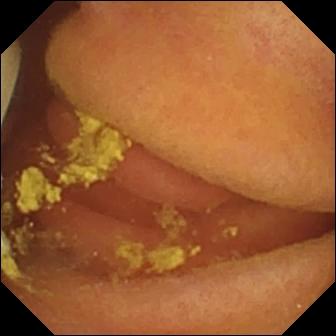Video capsule endoscopy still showing foreign body (e.g. retained capsule, tablet residue).